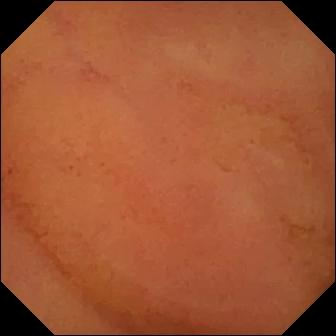- modality: small-bowel capsule endoscopy
- segment: small intestine
- finding: normal clean mucosa